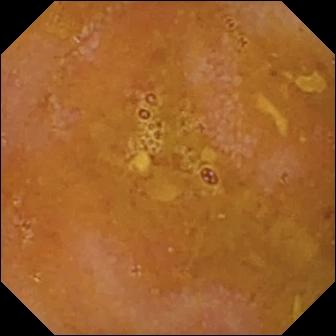WCE snapshot, 336×336. Reduced mucosal view (content or bubbles obscuring the mucosa).